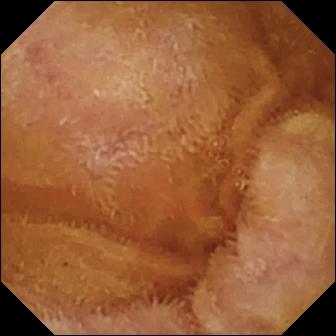modality: VCE; segment: small intestine; impression: normal clean mucosa